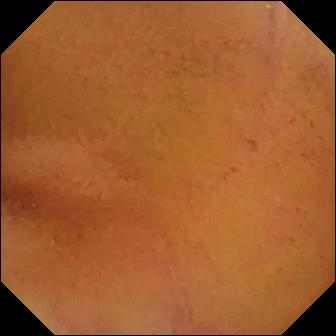Capsule endoscopy frame of the small intestine showing normal clean mucosa.